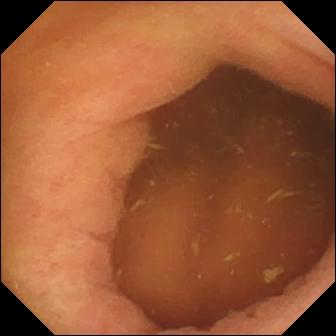Capsule endoscopy image
Label: pylorus region